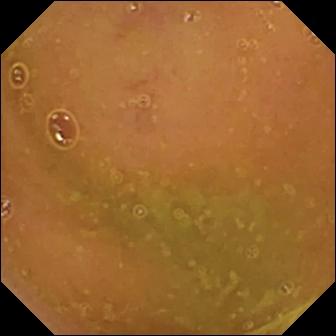VCE — normal clean mucosa.